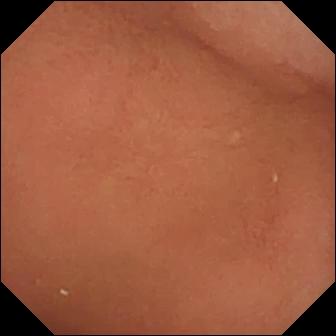Q: Where in the digestive tract was this WCE snapshot taken?
A: Pylorus region (where the capsule passes from the stomach into the small bowel).